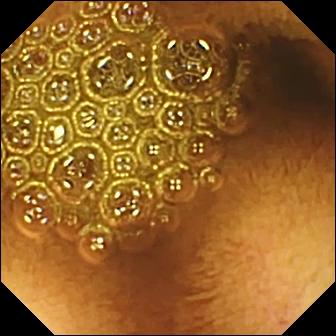Small-bowel capsule endoscopy image of the small intestine showing reduced mucosal view (content or bubbles obscuring the mucosa).